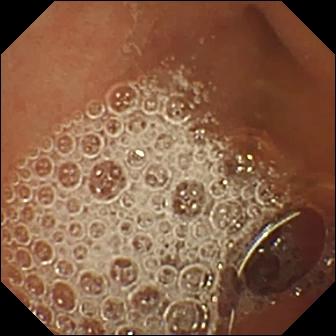modality: VCE
category: luminal finding
observation: normal clean mucosa